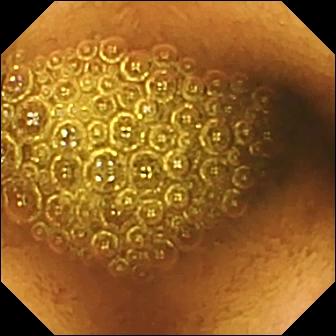- modality: capsule endoscopy
- segment: small intestine
- observation: reduced mucosal view (content or bubbles obscuring the mucosa)